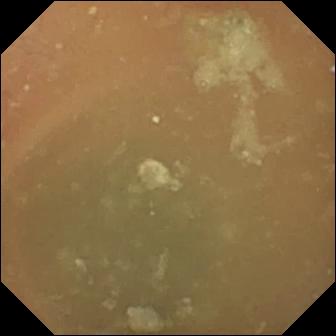This WCE frame shows normal clean mucosa.